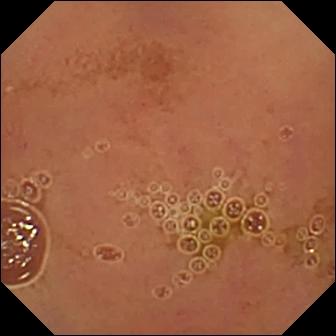PROCEDURE: WCE.
SEGMENT: Small bowel.
FINDINGS: Normal clean mucosa.